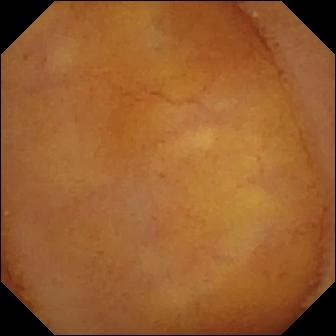WCE — normal clean mucosa.